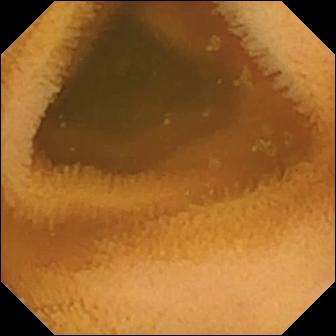Video capsule endoscopy image showing normal clean mucosa.